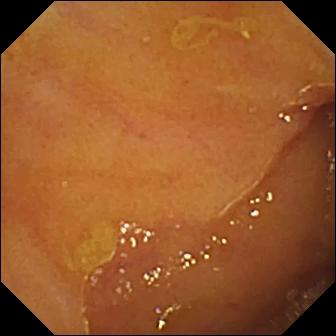Ileo-cecal valve region — WCE frame.